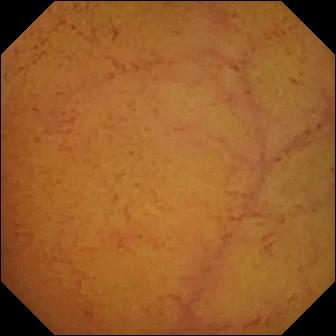This small-bowel capsule endoscopy view shows normal clean mucosa.